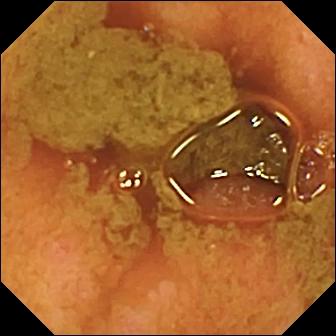modality: VCE; label: ileo-cecal valve region